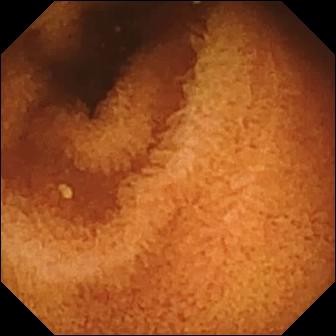modality: small-bowel capsule endoscopy | category: luminal finding | label: normal clean mucosa